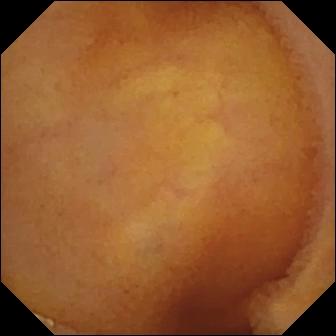Capsule endoscopy view
Label: normal clean mucosa